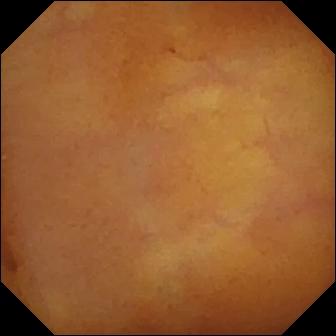Q: What does this wireless capsule endoscopy image of the small bowel show?
A: Normal clean mucosa.